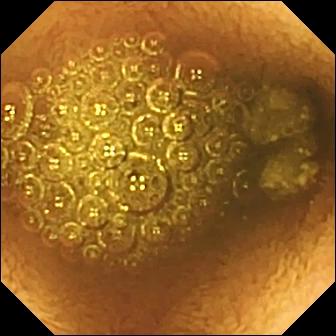Reduced mucosal view (content or bubbles obscuring the mucosa).